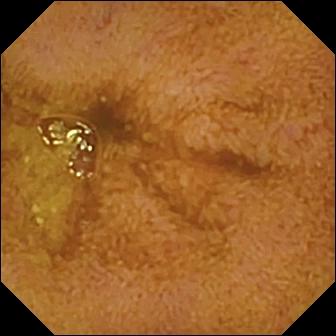modality: small-bowel capsule endoscopy | category: anatomical landmark | video segment: ileo-cecal valve region